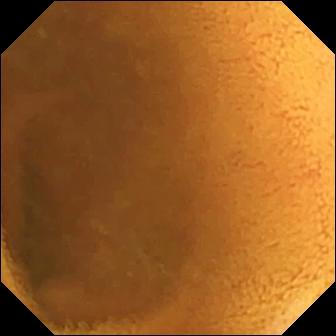PROCEDURE: Wireless capsule endoscopy.
SEGMENT: Small intestine.
FINDINGS: Normal clean mucosa.